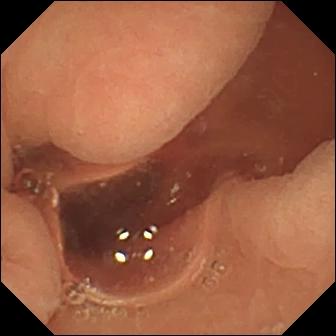This wireless capsule endoscopy view shows normal clean mucosa.